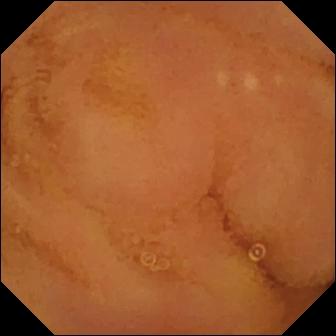This small-bowel capsule endoscopy view shows normal clean mucosa.